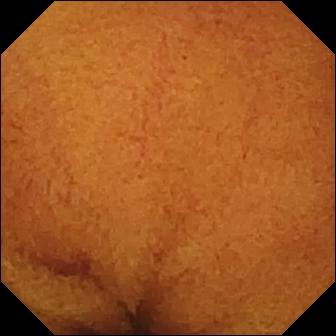Capsule endoscopy frame showing normal clean mucosa.